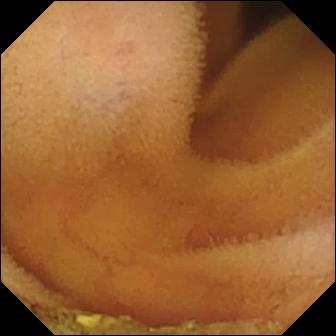Small-bowel capsule endoscopy view (small intestine). Normal clean mucosa.